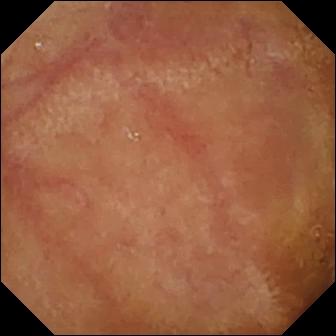Wireless capsule endoscopy — normal clean mucosa.